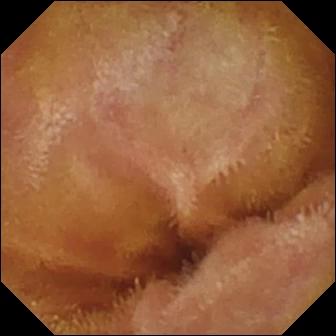modality: wireless capsule endoscopy; category: luminal finding; impression: normal clean mucosa